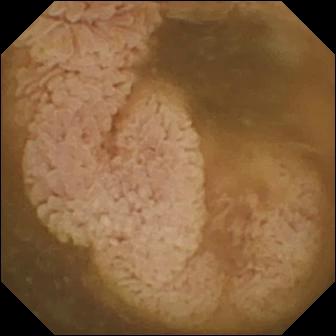{"modality": "capsule endoscopy", "position": "ileo-cecal valve region"}